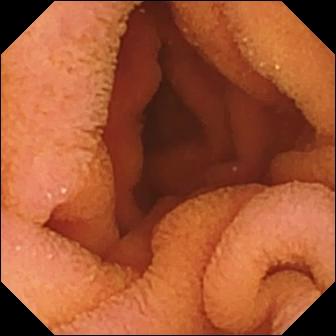This wireless capsule endoscopy image of the small intestine shows normal clean mucosa.